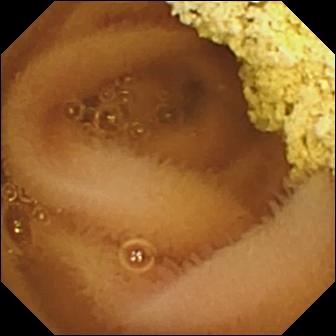Wireless capsule endoscopy view (small intestine). Normal clean mucosa.